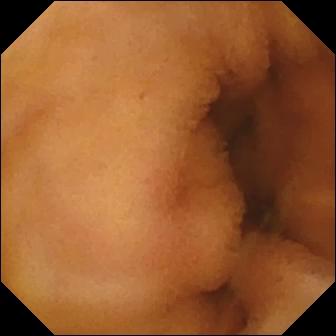modality: small-bowel capsule endoscopy
finding: normal clean mucosa